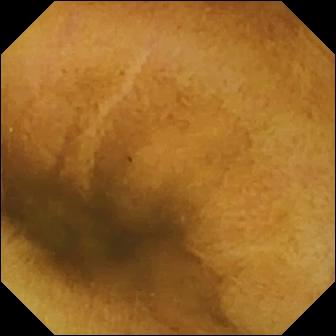- modality: small-bowel capsule endoscopy
- segment: small bowel
- category: luminal finding
- label: normal clean mucosa